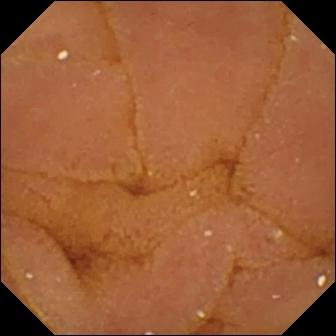Normal clean mucosa — WCE still of the small intestine.